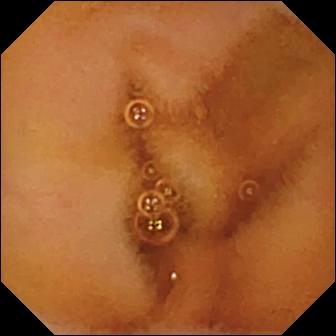PROCEDURE: Wireless capsule endoscopy.
FINDINGS: Normal clean mucosa.